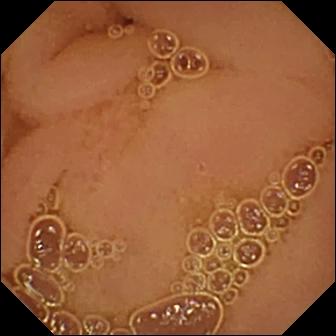PROCEDURE: Small-bowel capsule endoscopy.
SEGMENT: Small intestine.
FINDINGS: Normal clean mucosa.